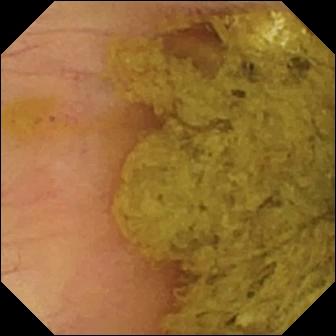Wireless capsule endoscopy snapshot taken in the ileo-cecal valve region.